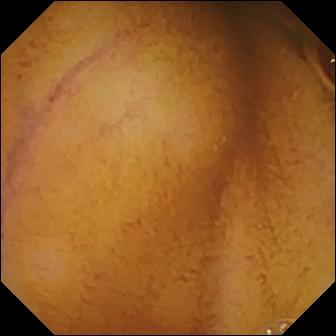WCE. Impression: normal clean mucosa.